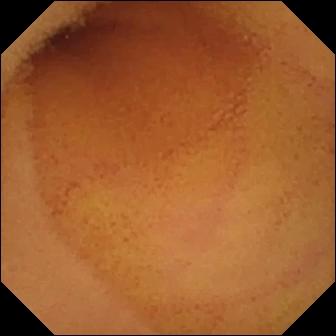WCE snapshot showing normal clean mucosa.